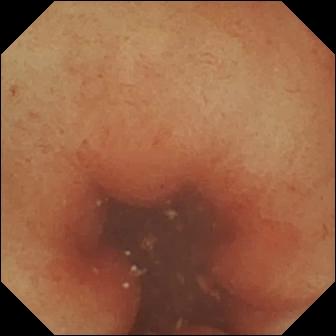Small-bowel capsule endoscopy. Location: pylorus region (the junction between the stomach and the small bowel).